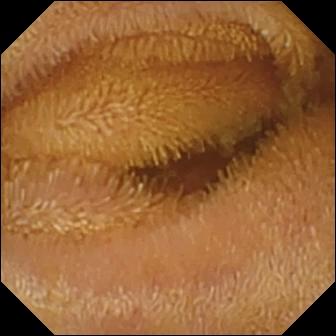Wireless capsule endoscopy — normal clean mucosa.